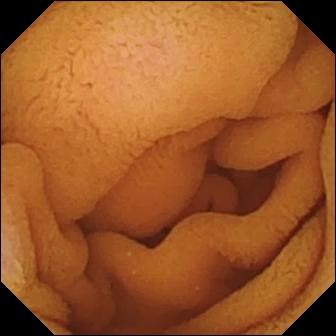Wireless capsule endoscopy snapshot (small bowel). Normal clean mucosa.